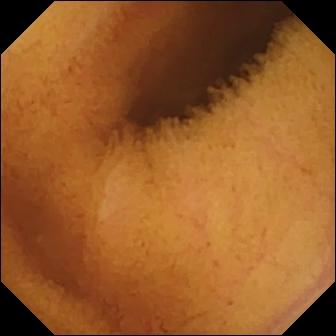{"modality": "small-bowel capsule endoscopy", "segment": "small intestine", "finding": "normal clean mucosa"}